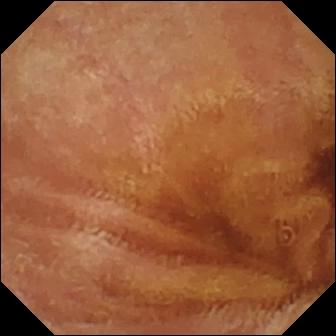Normal clean mucosa — small-bowel capsule endoscopy snapshot of the small intestine.